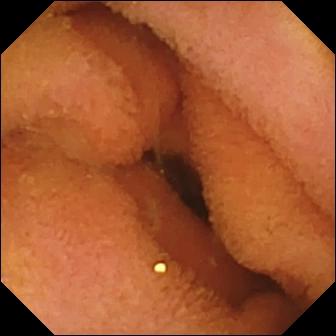Small-bowel capsule endoscopy still showing normal clean mucosa.